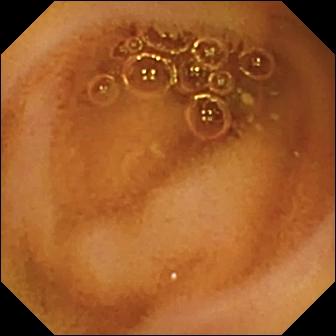- modality: VCE
- finding: normal clean mucosa